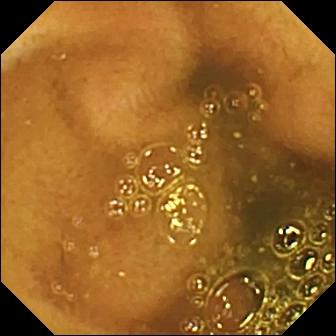Ileo-cecal valve region.